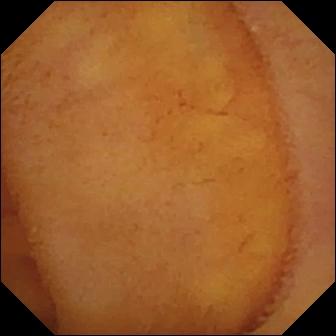WCE frame. Normal clean mucosa.